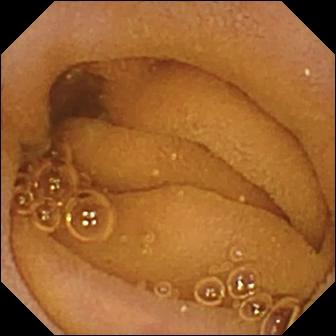Q: What does this video capsule endoscopy still show?
A: Normal clean mucosa.